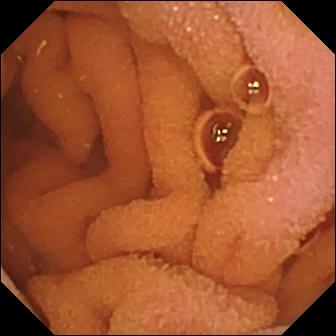Wireless capsule endoscopy frame, small bowel
Impression: normal clean mucosa